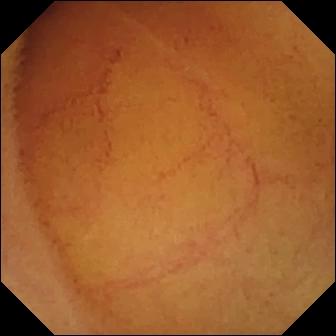This WCE frame shows normal clean mucosa.